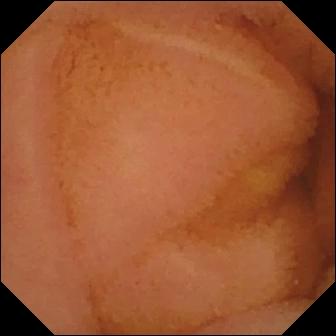This video capsule endoscopy frame of the small bowel shows normal clean mucosa.